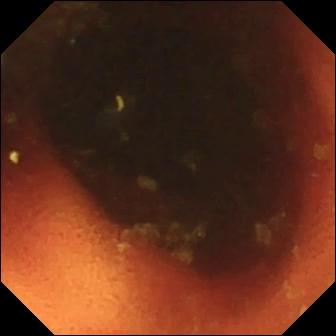This VCE image was taken in the ileo-cecal valve region (the transition from the small bowel to the large bowel).